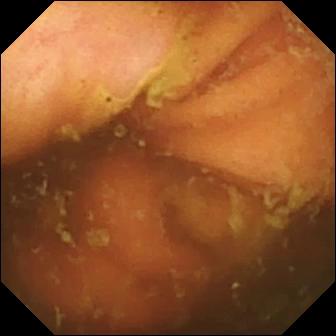VCE — ileo-cecal valve region (the transition from the small bowel to the large bowel).